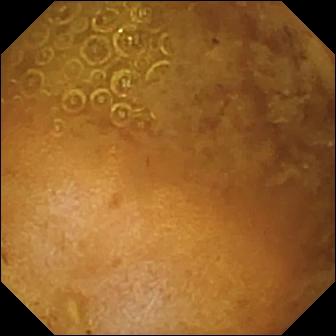Capsule endoscopy — reduced mucosal view (content or bubbles obscuring the mucosa).